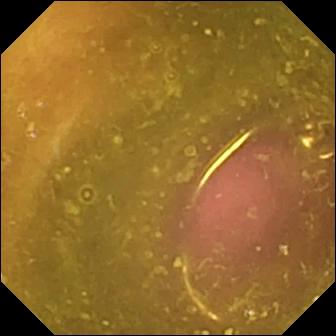modality: video capsule endoscopy; impression: reduced mucosal view (content or bubbles obscuring the mucosa)